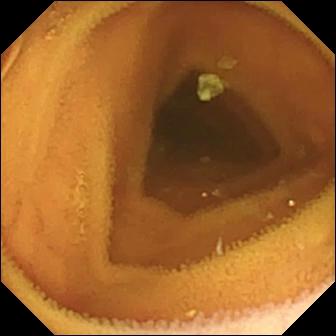VCE image
Impression: normal clean mucosa